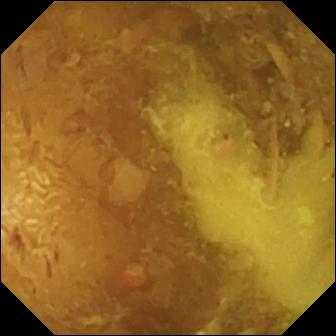{"modality": "wireless capsule endoscopy", "segment": "small intestine", "finding": "reduced mucosal view (content or bubbles obscuring the mucosa)"}